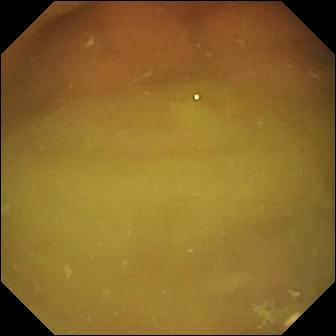{"modality": "small-bowel capsule endoscopy", "finding": "normal clean mucosa"}